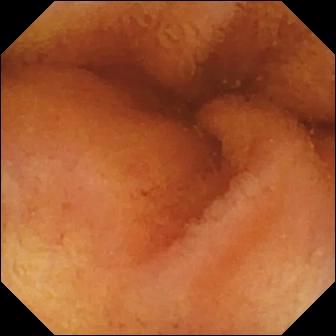WCE still showing normal clean mucosa.